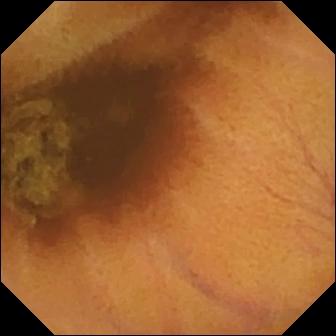VCE view. Normal clean mucosa.